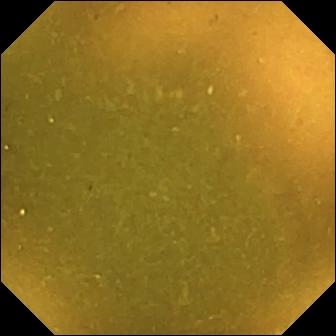Ileo-cecal valve region — wireless capsule endoscopy frame.